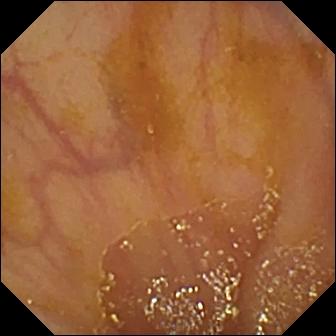PROCEDURE: Wireless capsule endoscopy.
VIDEO SEGMENT: Ileo-cecal valve region (where the capsule passes from the small bowel into the large bowel).